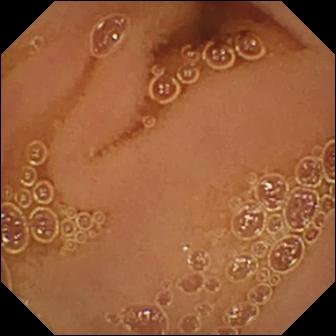Normal clean mucosa.